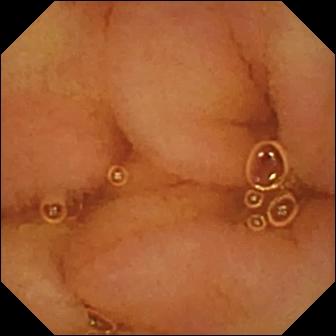PROCEDURE: Wireless capsule endoscopy.
FINDINGS: Normal clean mucosa.